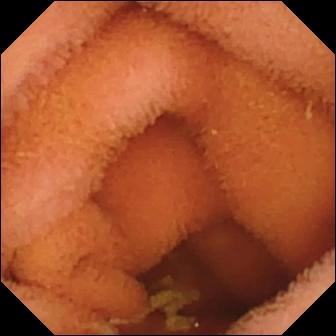{"modality": "video capsule endoscopy", "segment": "small bowel", "finding": "normal clean mucosa"}